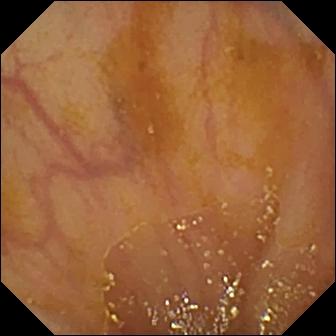Video capsule endoscopy snapshot
Position: ileo-cecal valve region (where the capsule passes from the small bowel into the large bowel)